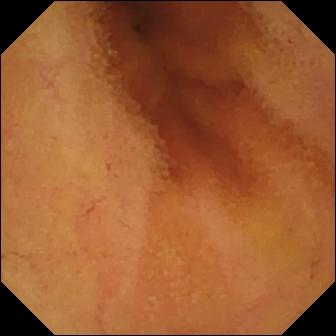Q: What does this video capsule endoscopy snapshot of the small bowel show?
A: Normal clean mucosa.